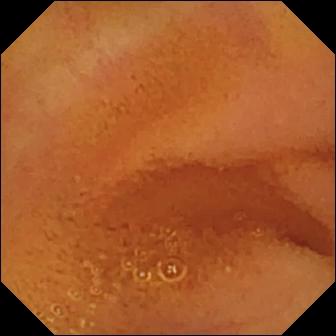Capsule endoscopy snapshot, small intestine
Impression: normal clean mucosa